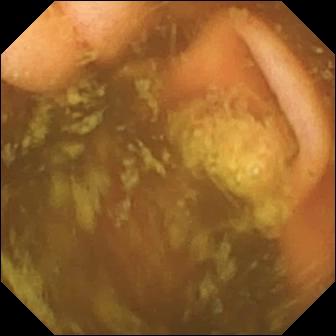Video capsule endoscopy. Location: ileo-cecal valve region.